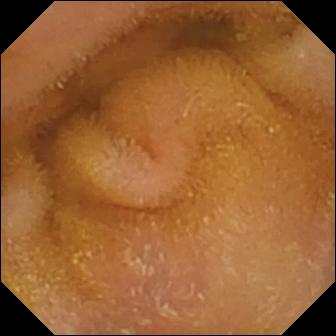This video capsule endoscopy still shows normal clean mucosa.